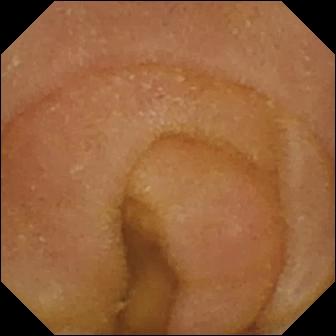Wireless capsule endoscopy still. Normal clean mucosa.